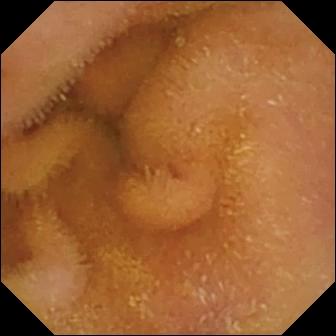This capsule endoscopy snapshot shows normal clean mucosa.